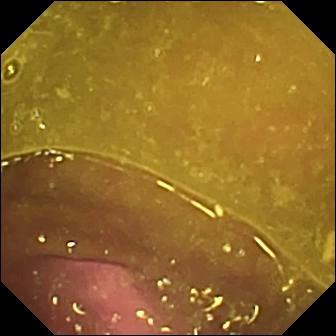WCE image. Reduced mucosal view (content or bubbles obscuring the mucosa).